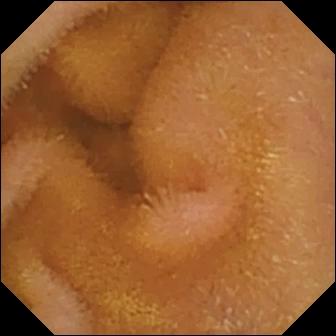PROCEDURE: Wireless capsule endoscopy.
SEGMENT: Small bowel.
FINDINGS: Normal clean mucosa.